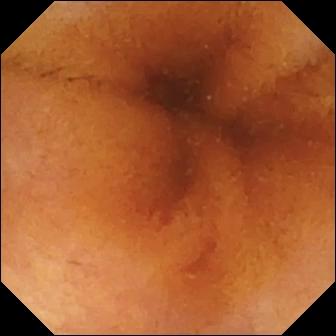VCE view, 336×336. Normal clean mucosa.